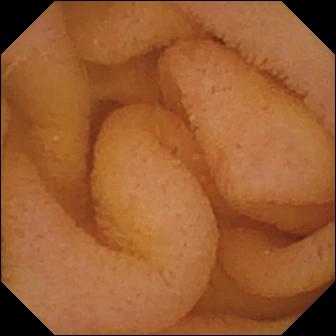- modality: WCE
- category: luminal finding
- observation: normal clean mucosa